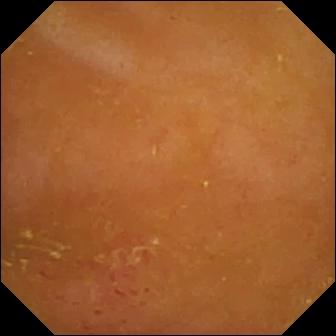Erythema (mucosal redness) — video capsule endoscopy image.